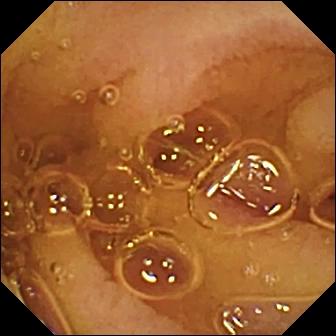{"modality": "small-bowel capsule endoscopy", "segment": "small intestine", "finding": "normal clean mucosa"}